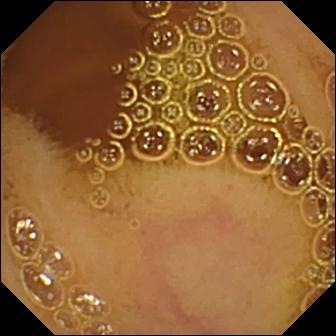This small-bowel capsule endoscopy view of the small bowel shows normal clean mucosa.